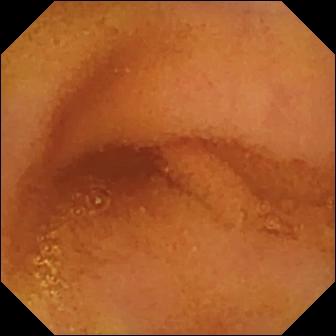modality: VCE; segment: small bowel; finding: normal clean mucosa